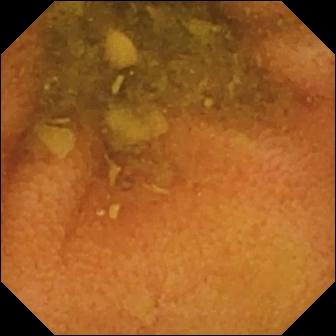Capsule endoscopy snapshot showing normal clean mucosa.